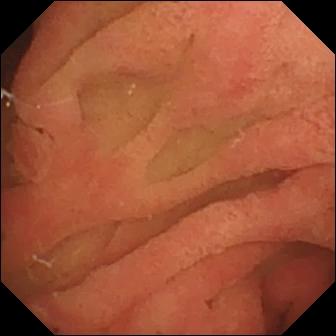modality: wireless capsule endoscopy
segment: small bowel
finding: ampulla of Vater (major duodenal papilla)